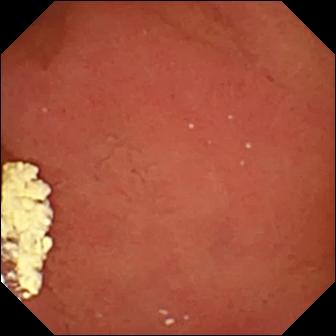Pylorus region — small-bowel capsule endoscopy still.